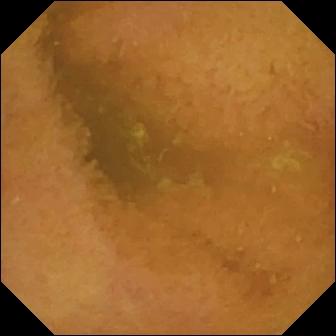Video capsule endoscopy view
Finding: normal clean mucosa